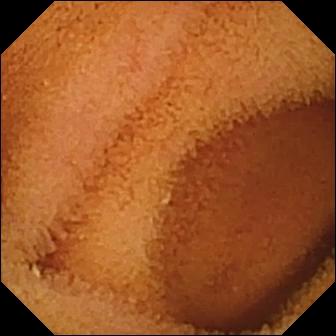{"modality": "video capsule endoscopy", "category": "luminal finding", "finding": "normal clean mucosa"}